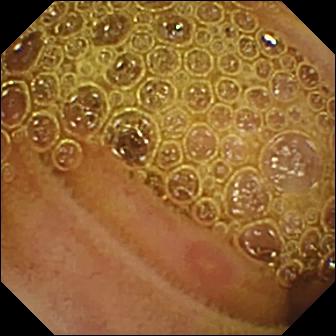WCE. Observation: erosion.